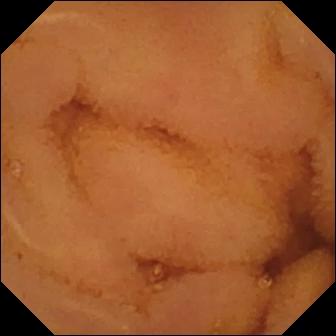Q: What does this WCE snapshot show?
A: Normal clean mucosa.